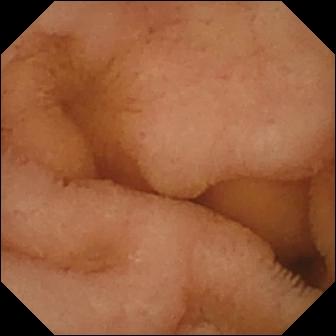modality: video capsule endoscopy
impression: normal clean mucosa